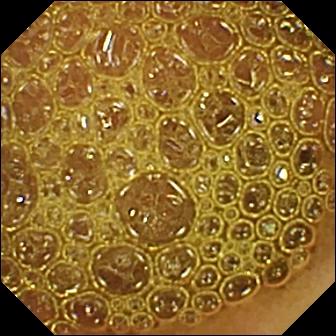- modality: WCE
- segment: small bowel
- label: reduced mucosal view (content or bubbles obscuring the mucosa)